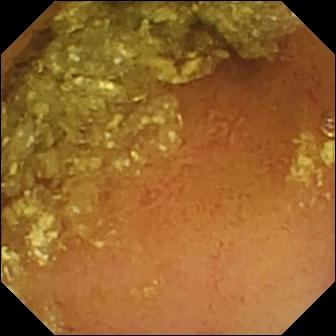Normal clean mucosa (336×336).